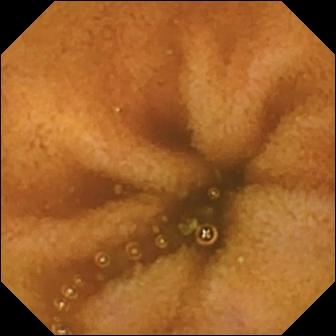Wireless capsule endoscopy image showing normal clean mucosa.